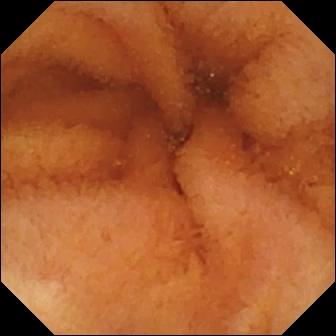Normal clean mucosa — capsule endoscopy frame.